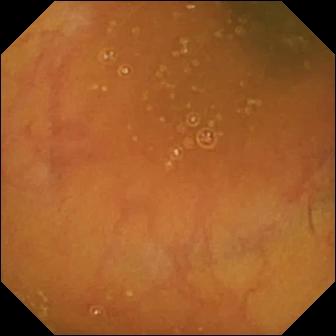Capsule endoscopy snapshot. Taken in the ileo-cecal valve region.